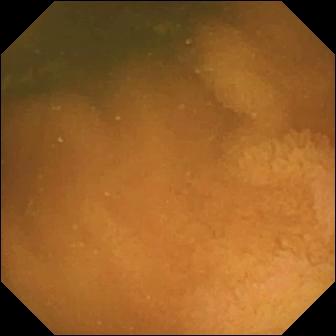This capsule endoscopy still of the small intestine shows normal clean mucosa.